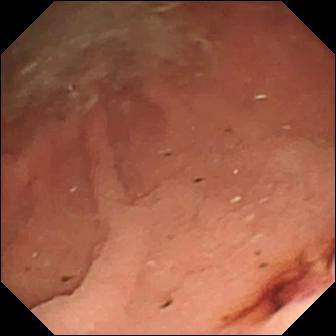modality: VCE | label: fresh blood in the lumen